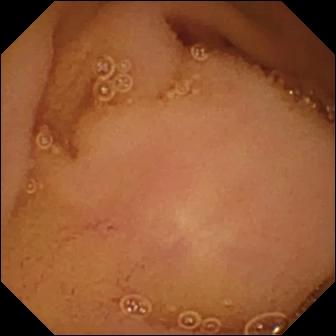Wireless capsule endoscopy snapshot showing normal clean mucosa.